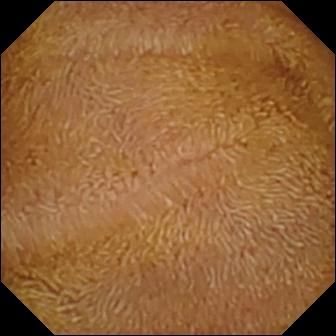- modality: capsule endoscopy
- category: luminal finding
- label: normal clean mucosa